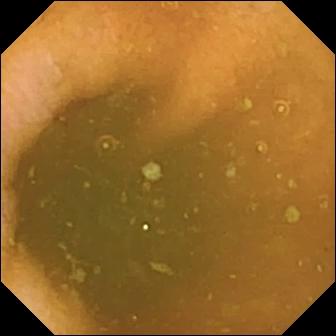Normal clean mucosa — small-bowel capsule endoscopy still of the small intestine.